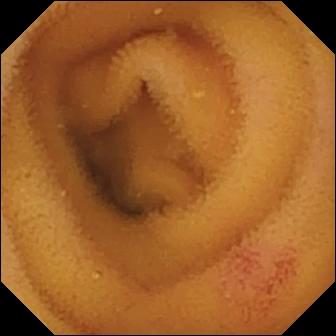PROCEDURE: WCE.
FINDINGS: Angiectasia.